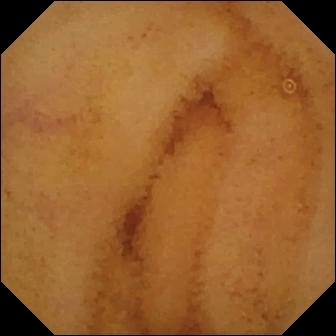PROCEDURE: WCE.
SEGMENT: Small bowel.
FINDINGS: Normal clean mucosa.